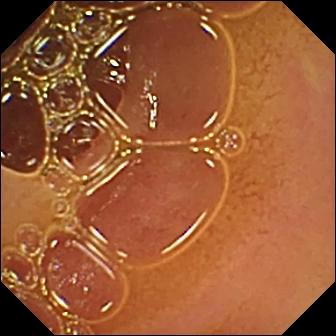This wireless capsule endoscopy snapshot of the small bowel shows normal clean mucosa.